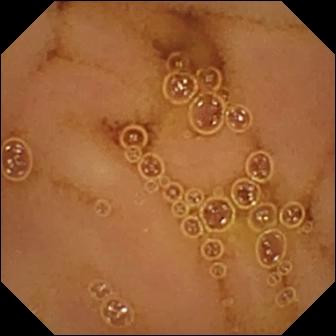Wireless capsule endoscopy view (small intestine), 336×336. Normal clean mucosa.